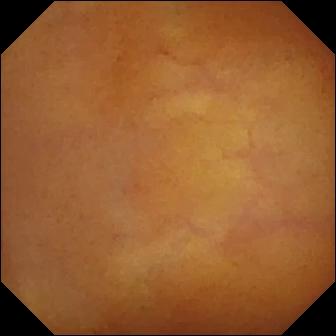Capsule endoscopy snapshot, small intestine
Observation: normal clean mucosa